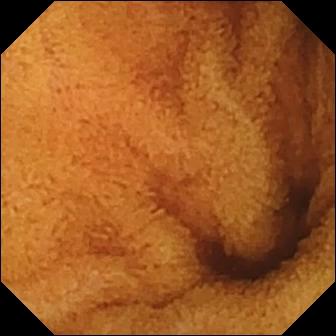Small-bowel capsule endoscopy — normal clean mucosa.